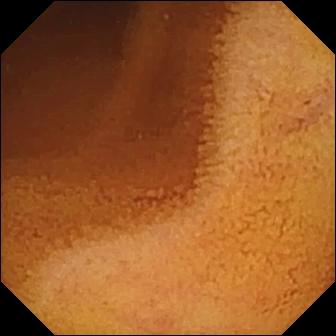Normal clean mucosa.